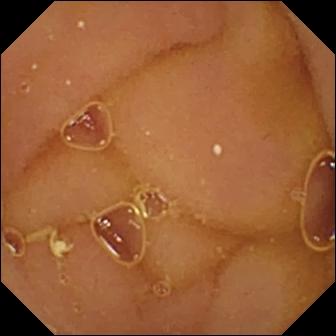Video capsule endoscopy. Luminal finding. Observation: normal clean mucosa.